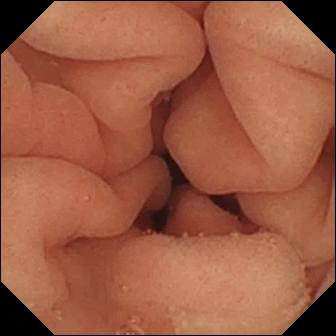Wireless capsule endoscopy — pylorus region (the junction between the stomach and the small bowel).